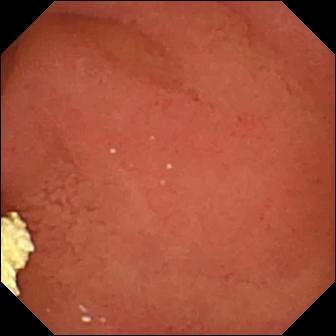modality: VCE | position: pylorus region (where the capsule passes from the stomach into the small bowel)